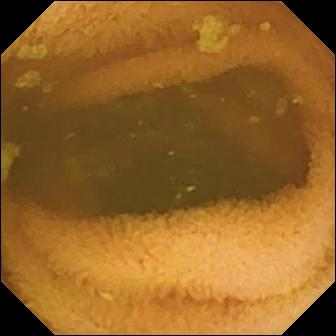PROCEDURE: WCE.
FINDINGS: Normal clean mucosa.